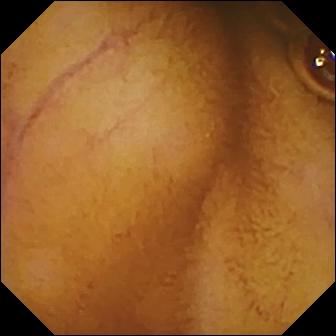VCE snapshot, small intestine
Impression: normal clean mucosa